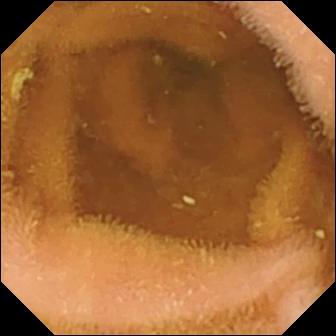Small-bowel capsule endoscopy snapshot of the small intestine showing normal clean mucosa.